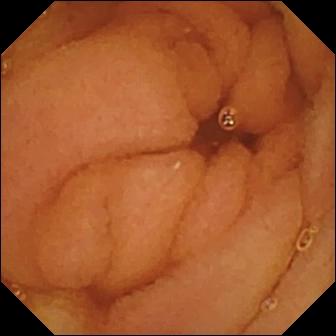Normal clean mucosa.